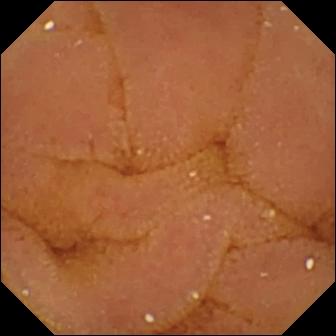{"modality": "wireless capsule endoscopy", "finding": "normal clean mucosa"}